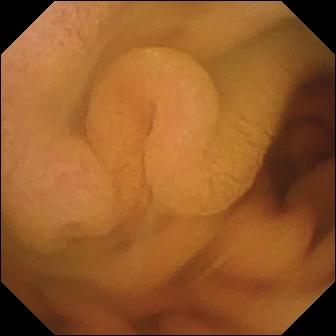WCE frame, small intestine
Label: normal clean mucosa